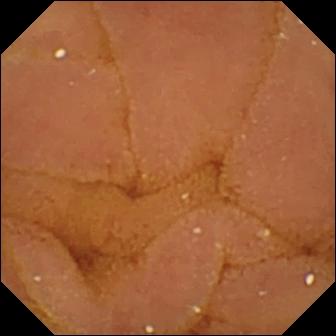This video capsule endoscopy still of the small bowel shows normal clean mucosa.